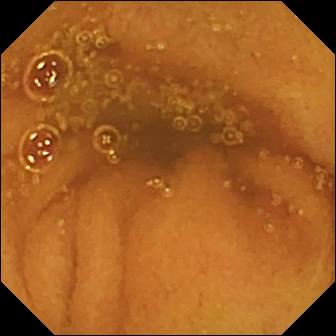Small-bowel capsule endoscopy view of the small intestine showing normal clean mucosa.